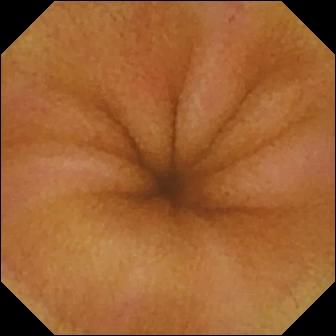Small-bowel capsule endoscopy still. Erythema (mucosal redness).